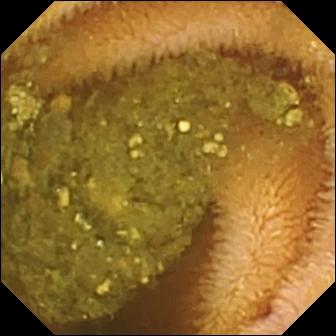modality: wireless capsule endoscopy
category: luminal finding
label: reduced mucosal view (content or bubbles obscuring the mucosa)